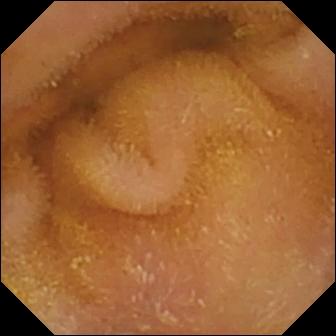Q: What does this capsule endoscopy frame of the small bowel show?
A: Normal clean mucosa.